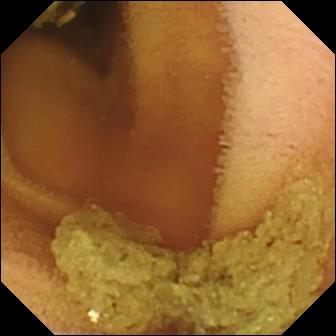Normal clean mucosa.